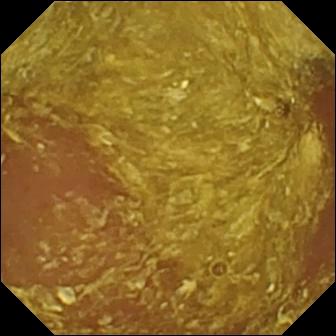Wireless capsule endoscopy image, small intestine
Finding: reduced mucosal view (content or bubbles obscuring the mucosa)